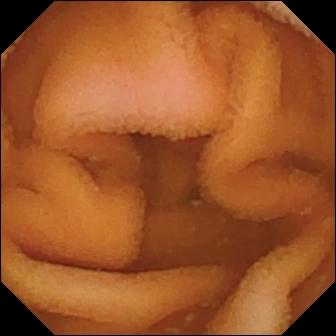- modality: wireless capsule endoscopy
- segment: small intestine
- category: luminal finding
- impression: normal clean mucosa